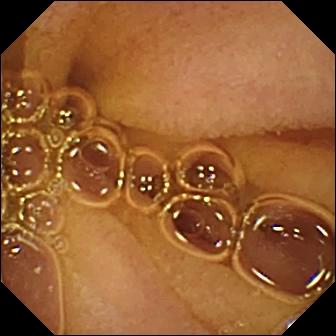modality: video capsule endoscopy; label: normal clean mucosa